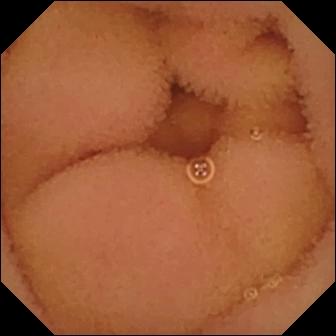Video capsule endoscopy — normal clean mucosa.